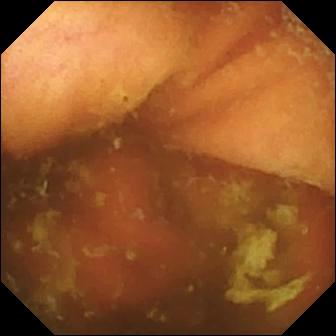Ileo-cecal valve region (the transition from the small bowel to the large bowel) — small-bowel capsule endoscopy image.